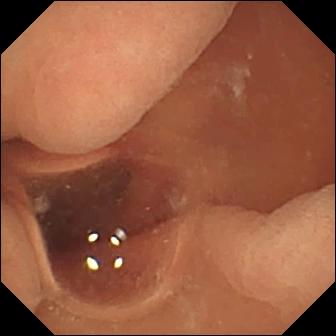Small-bowel capsule endoscopy. Luminal finding. Label: normal clean mucosa.